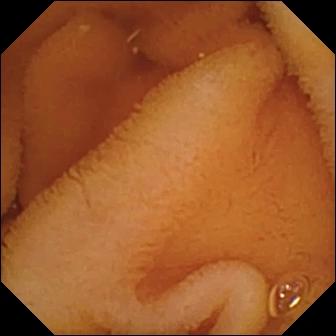modality: capsule endoscopy
label: normal clean mucosa